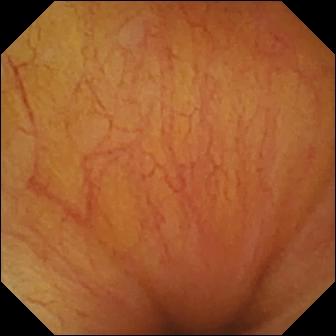Small-bowel capsule endoscopy — ileo-cecal valve region (where the capsule passes from the small bowel into the large bowel).